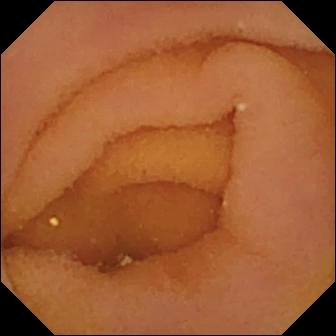modality: video capsule endoscopy | label: pylorus region (where the capsule passes from the stomach into the small bowel)